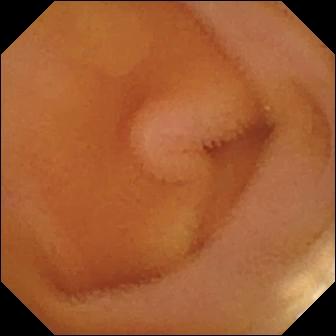WCE — lymphangiectasia.